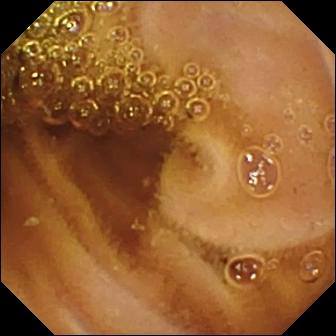Capsule endoscopy snapshot
Finding: normal clean mucosa